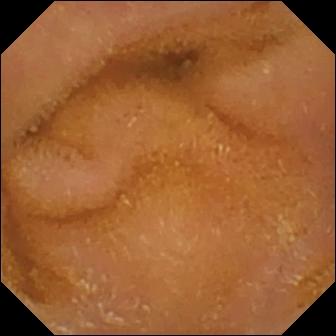PROCEDURE: WCE.
SEGMENT: Small bowel.
FINDINGS: Normal clean mucosa.